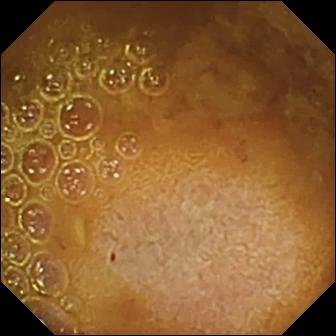Capsule endoscopy view, small intestine
Label: reduced mucosal view (content or bubbles obscuring the mucosa)